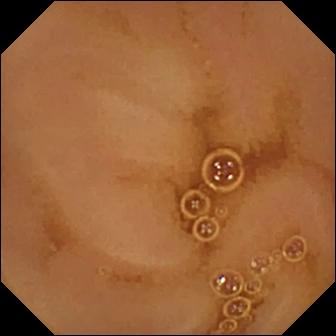Q: What does this VCE view of the small bowel show?
A: Normal clean mucosa.